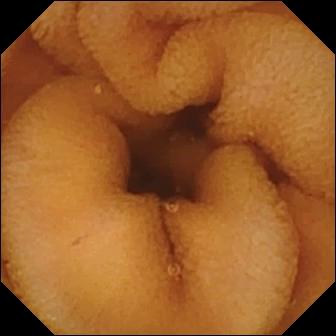Video capsule endoscopy. Finding: normal clean mucosa.